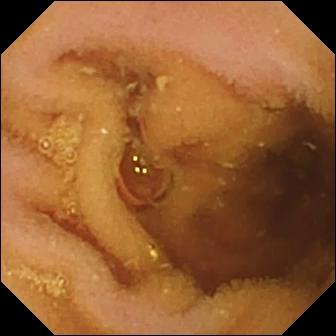Capsule endoscopy image
Label: pylorus region (the junction between the stomach and the small bowel)